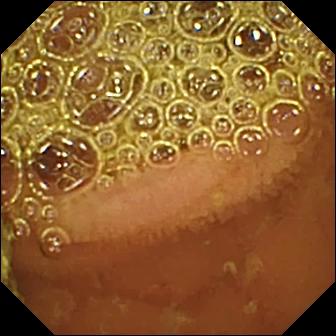modality: capsule endoscopy | segment: small intestine | finding: normal clean mucosa